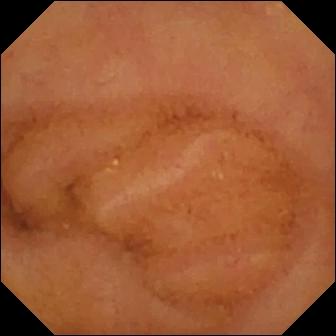Normal clean mucosa — video capsule endoscopy still of the small intestine.